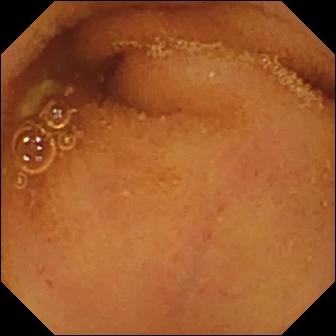Capsule endoscopy still of the small bowel showing normal clean mucosa.